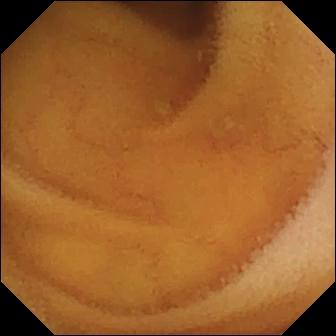Wireless capsule endoscopy view showing normal clean mucosa.